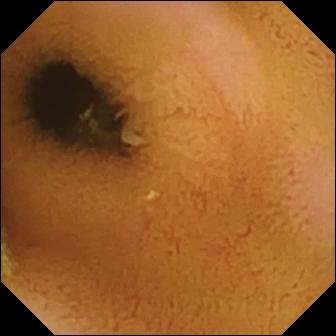Q: What does this VCE snapshot of the small intestine show?
A: Normal clean mucosa.